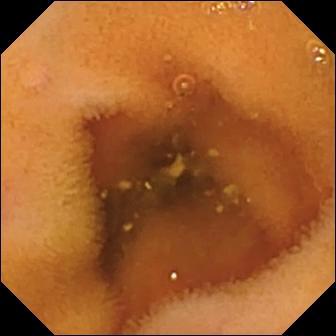Wireless capsule endoscopy view, 336×336. Normal clean mucosa.